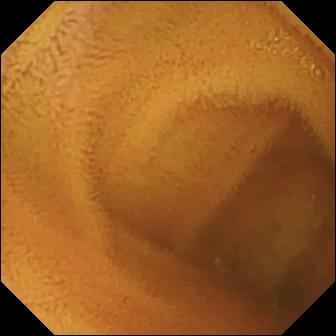Video capsule endoscopy frame, small bowel
Impression: normal clean mucosa